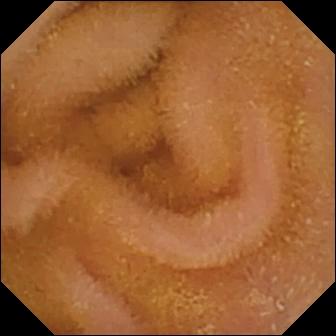PROCEDURE: Small-bowel capsule endoscopy.
SEGMENT: Small intestine.
FINDINGS: Normal clean mucosa.